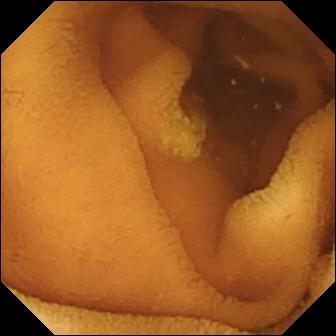Normal clean mucosa (336×336).